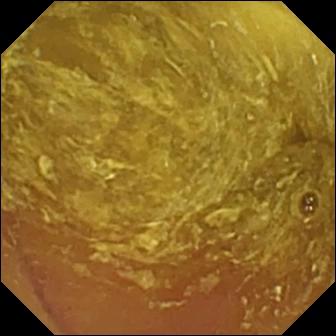- modality: small-bowel capsule endoscopy
- segment: small bowel
- impression: reduced mucosal view (content or bubbles obscuring the mucosa)